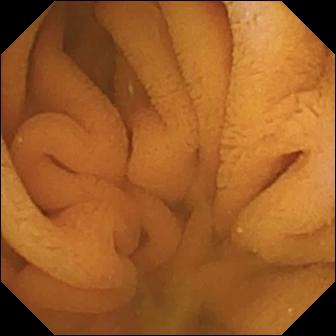Normal clean mucosa — capsule endoscopy image of the small intestine.